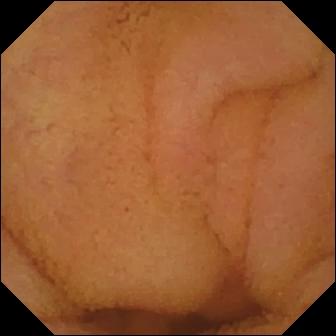Q: What does this capsule endoscopy still show?
A: Normal clean mucosa.